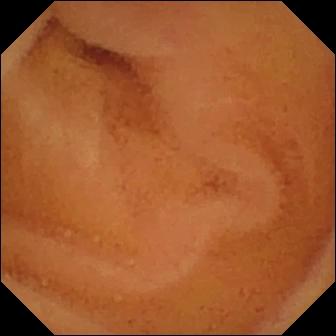Small-bowel capsule endoscopy. Small bowel. Luminal finding. Observation: normal clean mucosa.